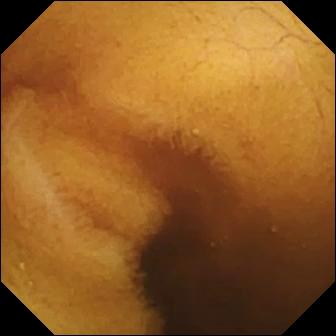Wireless capsule endoscopy — normal clean mucosa.